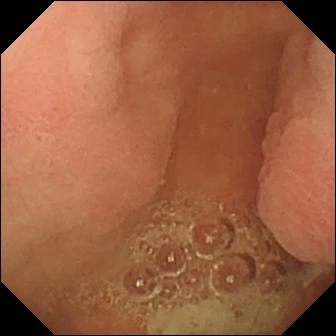WCE frame. Taken in the pylorus region.